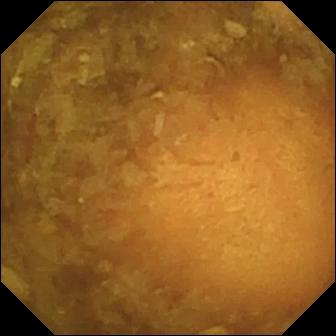Reduced mucosal view (content or bubbles obscuring the mucosa).